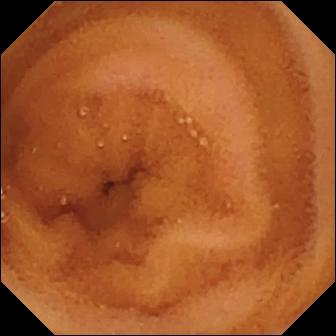Normal clean mucosa — small-bowel capsule endoscopy frame of the small intestine.